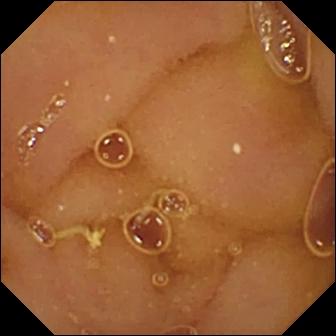{"modality": "WCE", "segment": "small intestine", "category": "luminal finding", "finding": "normal clean mucosa"}